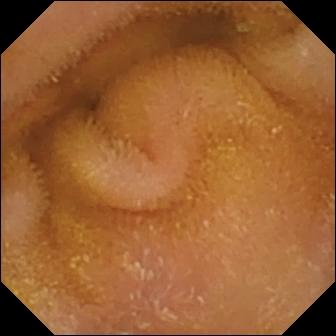modality: video capsule endoscopy
impression: normal clean mucosa